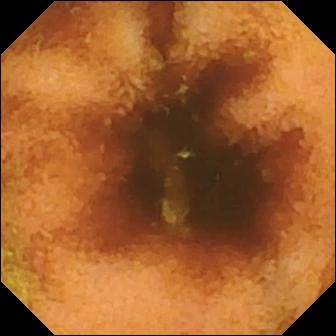Q: What does this small-bowel capsule endoscopy view of the small intestine show?
A: Normal clean mucosa.